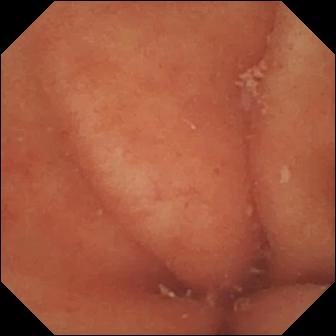Wireless capsule endoscopy still. Taken in the pylorus region.